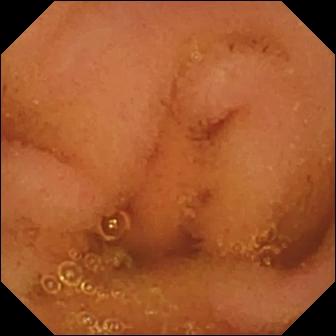PROCEDURE: Video capsule endoscopy.
SEGMENT: Small intestine.
FINDINGS: Normal clean mucosa.